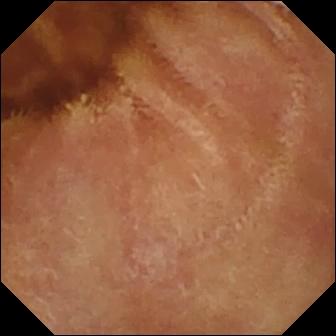Small-bowel capsule endoscopy. Small intestine. Observation: normal clean mucosa.